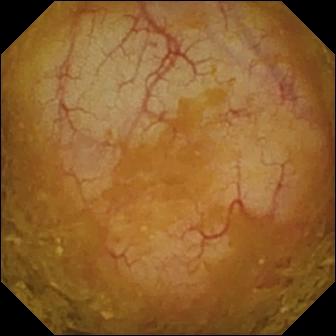This WCE image was taken in the ileo-cecal valve region (the transition from the small bowel to the large bowel).